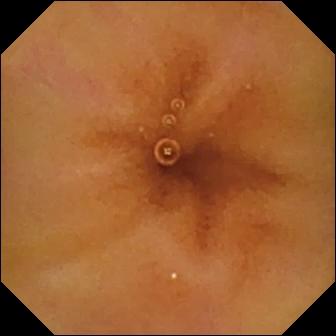modality: capsule endoscopy; label: normal clean mucosa